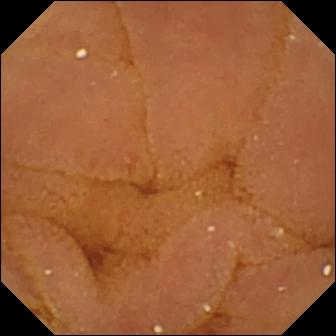WCE view
Impression: normal clean mucosa